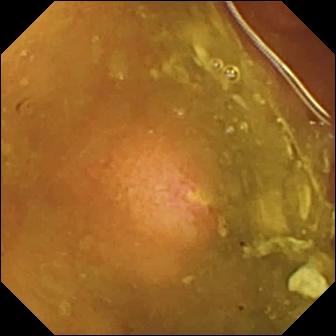Ulcer — small-bowel capsule endoscopy view.